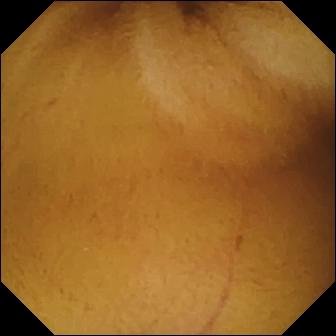PROCEDURE: WCE.
FINDINGS: Normal clean mucosa.